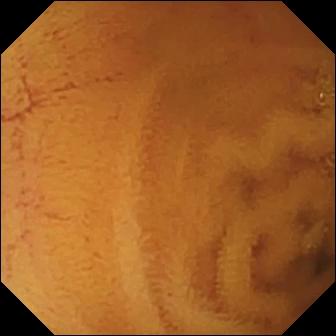Capsule endoscopy snapshot showing normal clean mucosa.